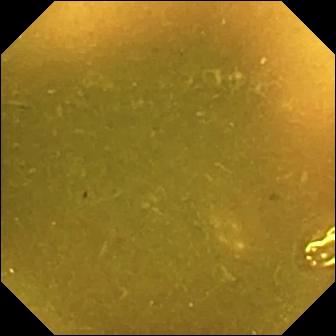This capsule endoscopy frame was taken in the ileo-cecal valve region (the transition from the small bowel to the large bowel).